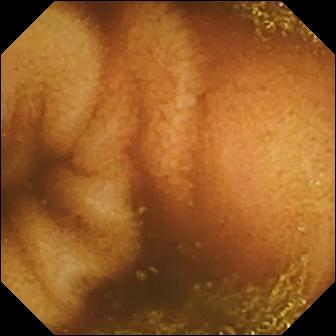{"modality": "WCE", "category": "luminal finding", "finding": "normal clean mucosa"}